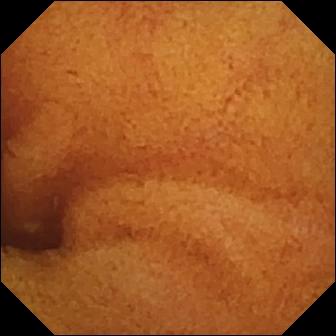This VCE image shows normal clean mucosa.